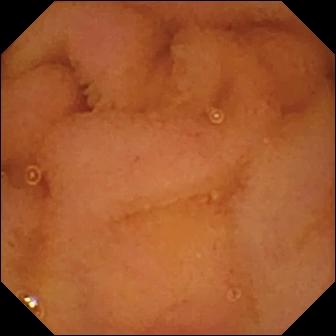PROCEDURE: WCE.
SEGMENT: Small bowel.
FINDINGS: Normal clean mucosa.